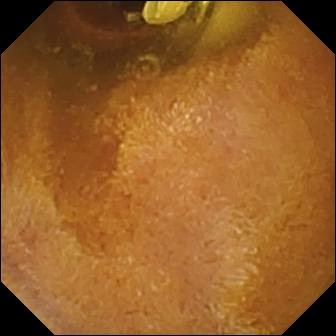{"modality": "WCE", "finding": "foreign body (e.g. retained capsule, tablet residue)"}